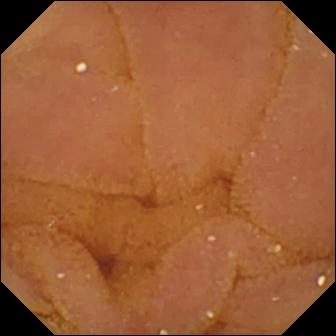VCE. Small bowel. Luminal finding. Label: normal clean mucosa.